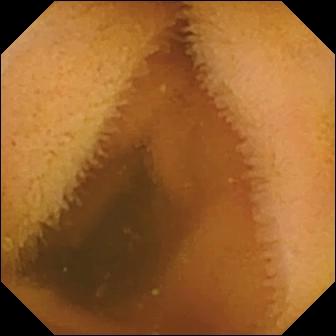Video capsule endoscopy — normal clean mucosa.